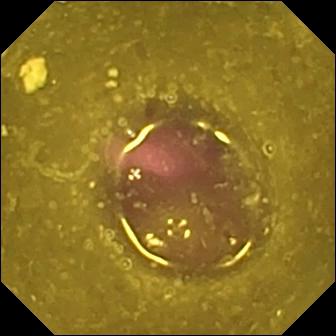Video capsule endoscopy. Luminal finding. Finding: reduced mucosal view (content or bubbles obscuring the mucosa).